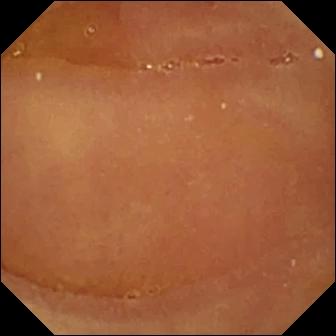Normal clean mucosa.